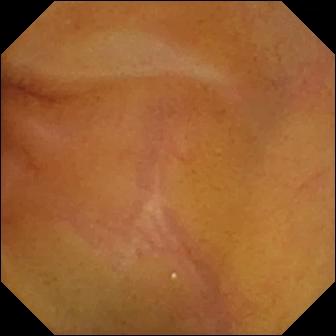modality: WCE
impression: normal clean mucosa